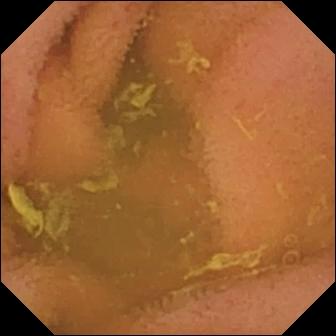PROCEDURE: VCE.
FINDINGS: Normal clean mucosa.